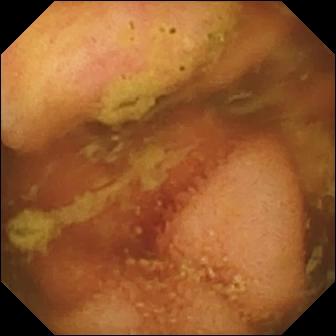Wireless capsule endoscopy — ileo-cecal valve region (where the capsule passes from the small bowel into the large bowel).